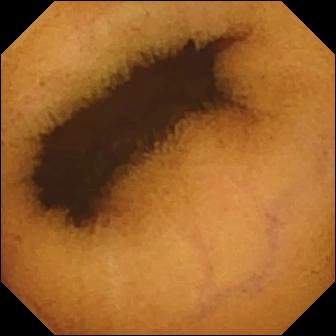VCE image (small bowel). Normal clean mucosa.